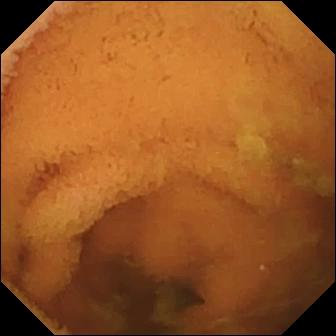Video capsule endoscopy frame showing normal clean mucosa.